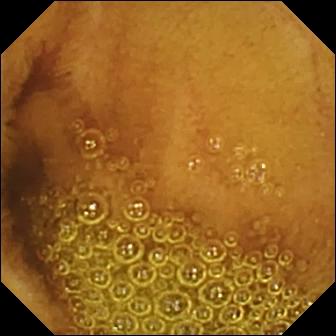modality: WCE; segment: small bowel; finding: normal clean mucosa